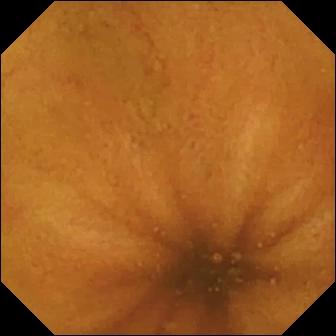This wireless capsule endoscopy snapshot shows normal clean mucosa.